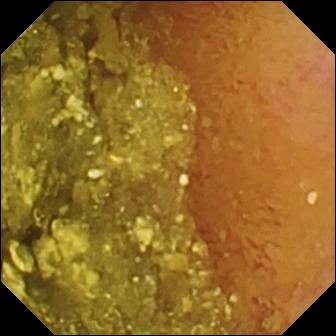{"modality": "wireless capsule endoscopy", "category": "luminal finding", "finding": "normal clean mucosa"}